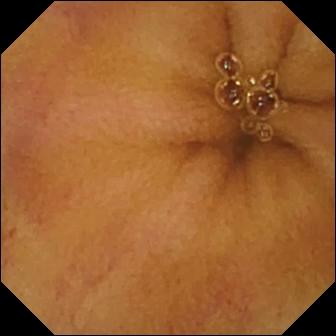Normal clean mucosa — wireless capsule endoscopy still of the small bowel.